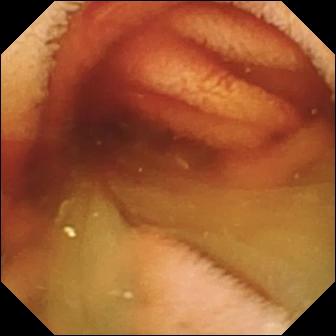{"modality": "VCE", "finding": "fresh blood in the lumen"}